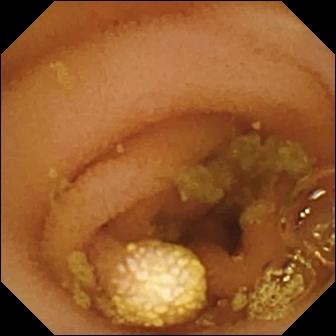Capsule endoscopy — lymphangiectasia.